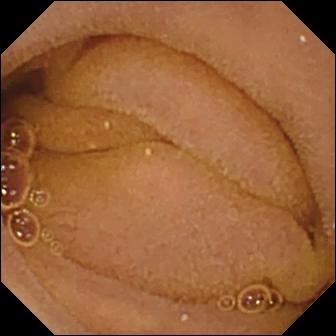WCE — normal clean mucosa.